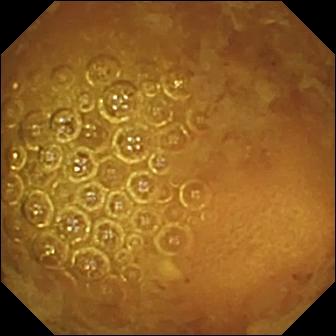Wireless capsule endoscopy still showing reduced mucosal view (content or bubbles obscuring the mucosa).